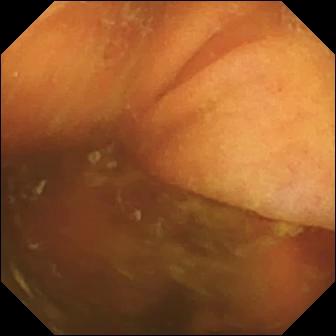- modality: wireless capsule endoscopy
- category: anatomical landmark
- position: ileo-cecal valve region (where the capsule passes from the small bowel into the large bowel)